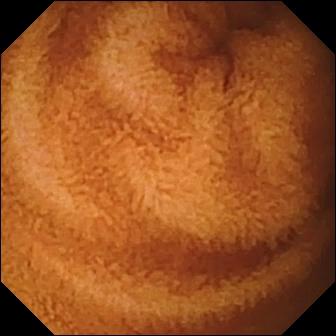- modality: wireless capsule endoscopy
- observation: normal clean mucosa